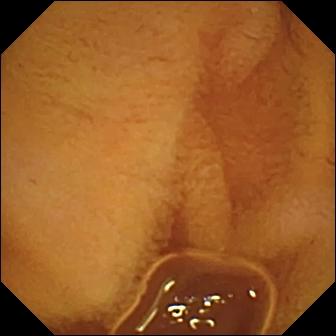Capsule endoscopy. Finding: normal clean mucosa.